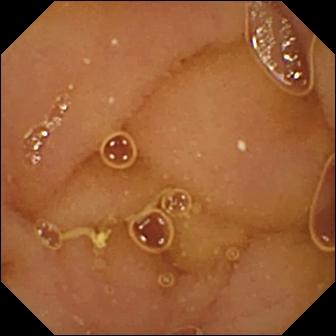Normal clean mucosa (336×336).